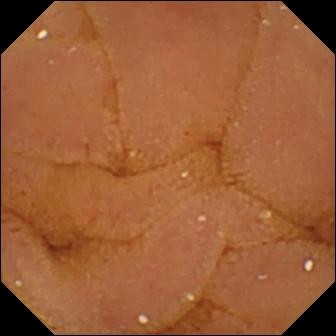WCE — normal clean mucosa.